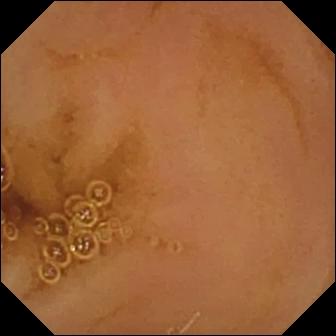This WCE snapshot shows normal clean mucosa.